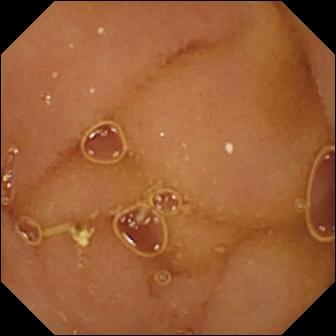Normal clean mucosa.